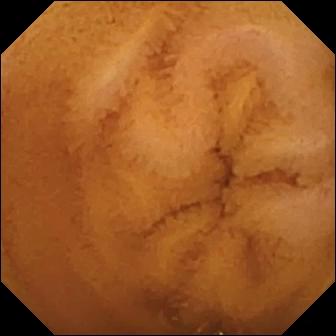modality: VCE
segment: small bowel
label: normal clean mucosa